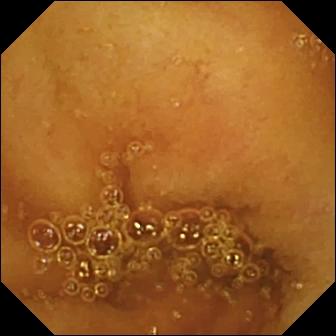Capsule endoscopy. Impression: normal clean mucosa.